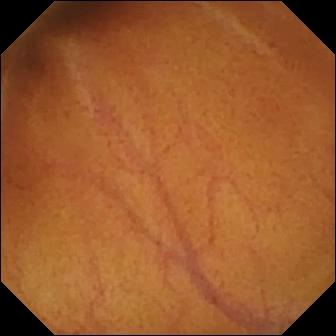- modality: wireless capsule endoscopy
- segment: small bowel
- impression: normal clean mucosa